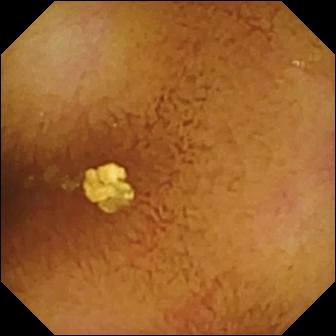Q: What does this VCE view show?
A: Normal clean mucosa.